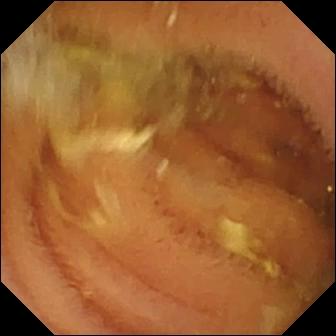PROCEDURE: Wireless capsule endoscopy.
SEGMENT: Small intestine.
FINDINGS: Normal clean mucosa.